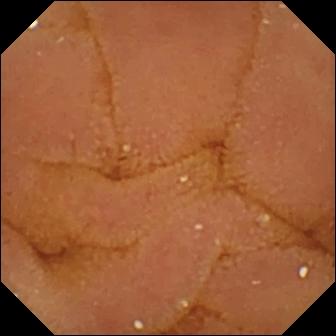Small-bowel capsule endoscopy — normal clean mucosa.